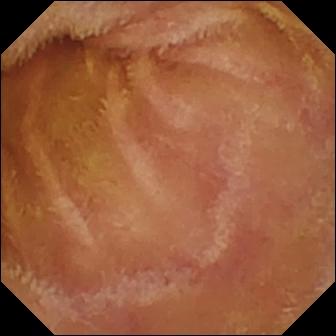WCE view, small bowel
Finding: normal clean mucosa